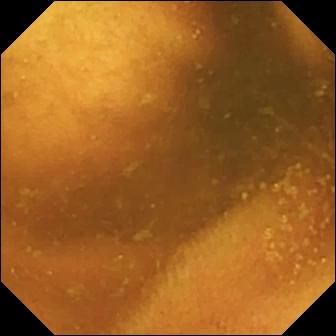VCE — normal clean mucosa.